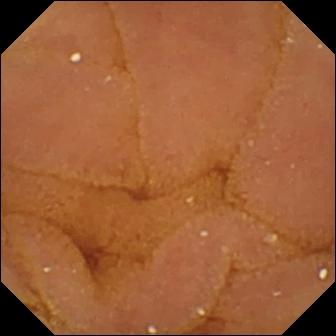- modality: video capsule endoscopy
- segment: small intestine
- finding: normal clean mucosa